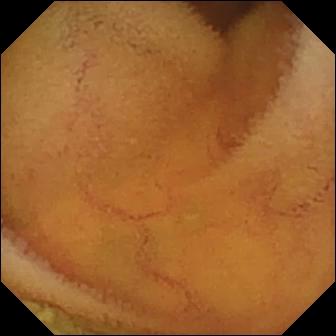This capsule endoscopy image of the small bowel shows normal clean mucosa.